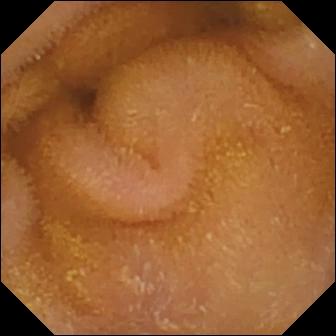modality: wireless capsule endoscopy | segment: small bowel | category: luminal finding | impression: normal clean mucosa